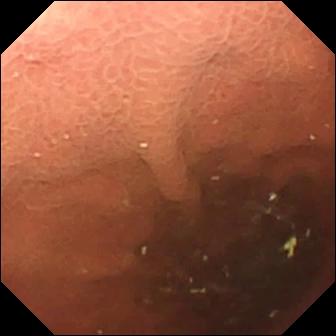Q: Where in the digestive tract was this wireless capsule endoscopy snapshot taken?
A: Pylorus region (where the capsule passes from the stomach into the small bowel).